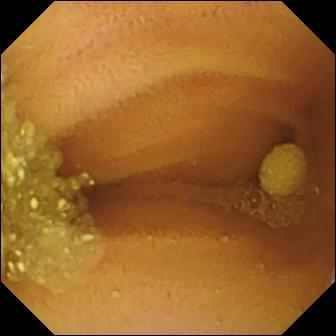Capsule endoscopy still
Observation: lymphangiectasia